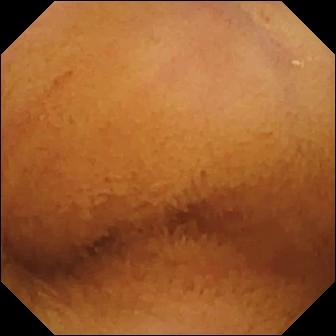This wireless capsule endoscopy frame shows normal clean mucosa.